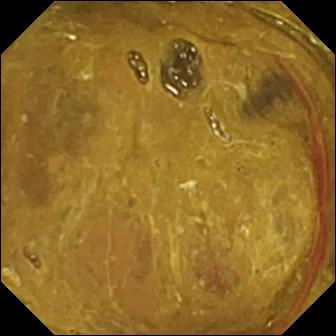This video capsule endoscopy still was taken in the ileo-cecal valve region (the transition from the small bowel to the large bowel).